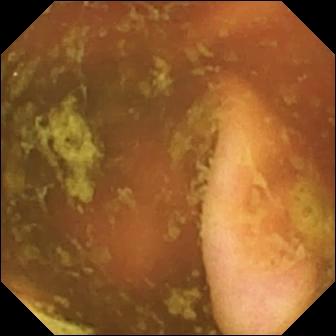- modality: capsule endoscopy
- label: ileo-cecal valve region